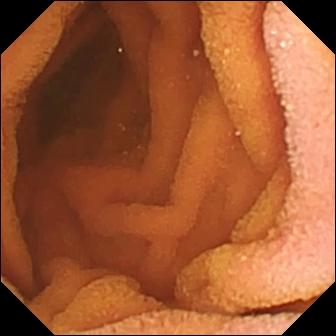Q: What does this WCE view of the small intestine show?
A: Normal clean mucosa.